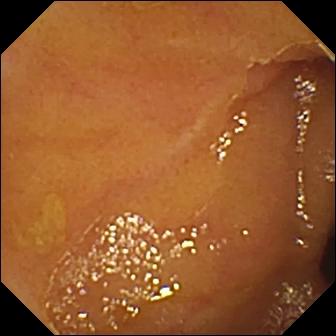Ileo-cecal valve region — small-bowel capsule endoscopy still.